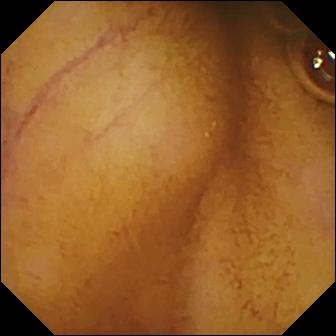modality: capsule endoscopy
category: luminal finding
impression: normal clean mucosa